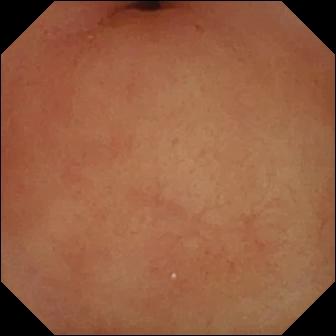Video capsule endoscopy frame. Taken in the pylorus region (where the capsule passes from the stomach into the small bowel).